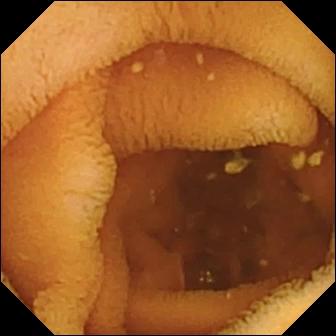VCE frame, 336×336. Normal clean mucosa.